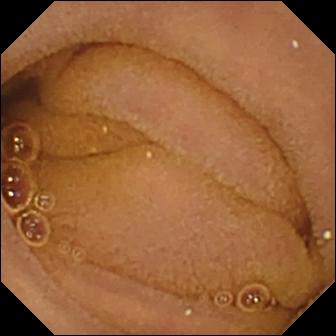Normal clean mucosa (336×336).